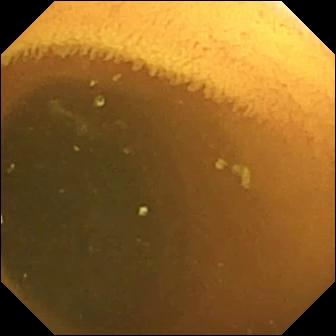Normal clean mucosa.